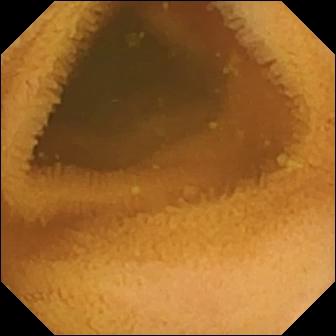Normal clean mucosa — small-bowel capsule endoscopy image.